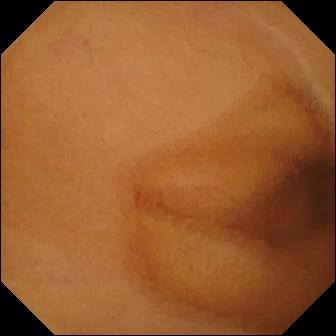Small-bowel capsule endoscopy — normal clean mucosa.